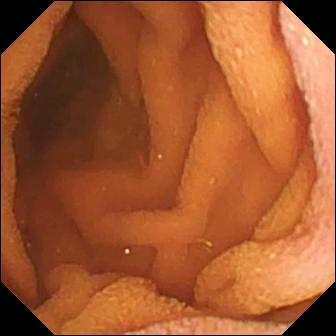VCE. Small intestine. Luminal finding. Finding: normal clean mucosa.